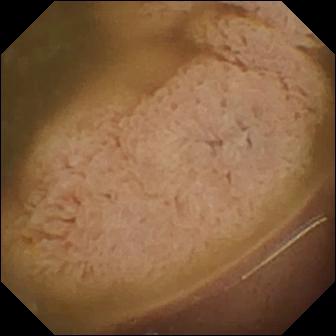PROCEDURE: Capsule endoscopy.
VIDEO SEGMENT: Ileo-cecal valve region (the transition from the small bowel to the large bowel).